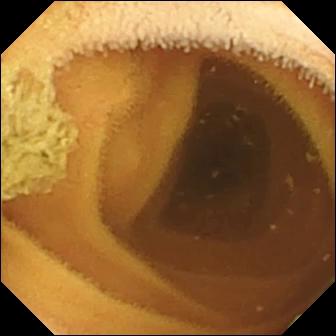{"modality": "video capsule endoscopy", "category": "luminal finding", "finding": "normal clean mucosa"}